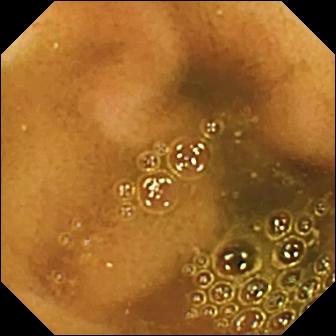Video capsule endoscopy. Near an anatomical landmark. Location: ileo-cecal valve region.